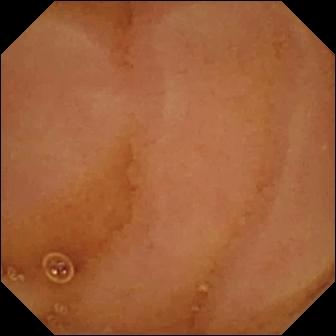Wireless capsule endoscopy still, 336×336. Normal clean mucosa.